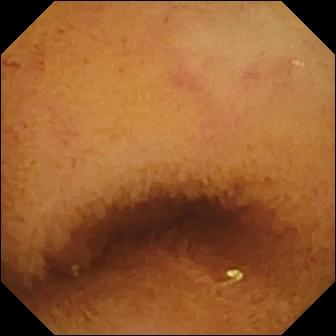Normal clean mucosa.